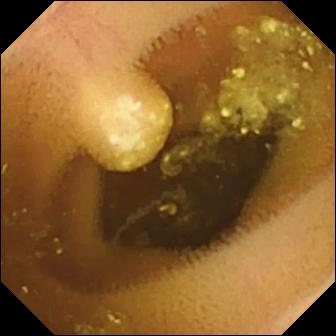Lymphangiectasia — wireless capsule endoscopy frame.